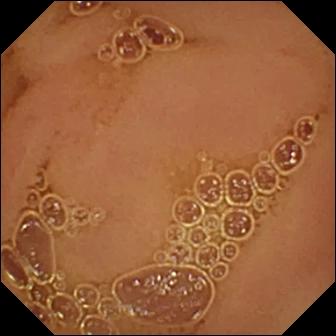- modality: capsule endoscopy
- segment: small bowel
- category: luminal finding
- finding: normal clean mucosa